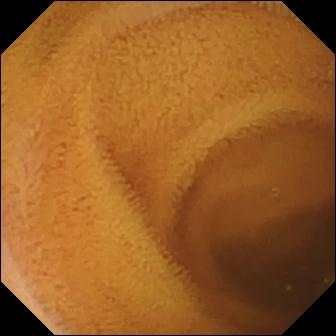modality: capsule endoscopy; finding: normal clean mucosa